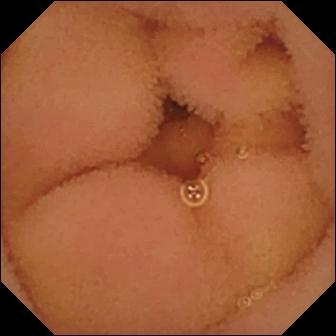This wireless capsule endoscopy snapshot shows normal clean mucosa.